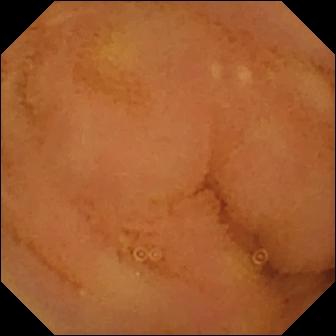Normal clean mucosa.